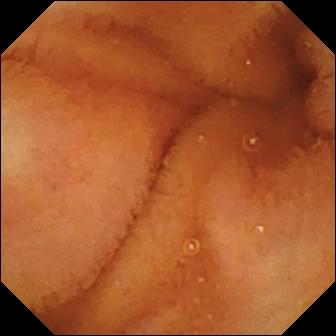- modality: small-bowel capsule endoscopy
- finding: normal clean mucosa